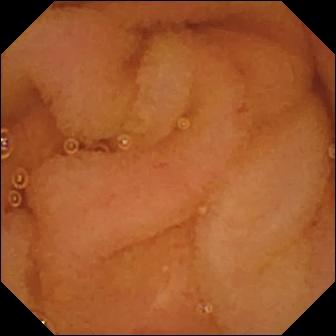{"modality": "wireless capsule endoscopy", "segment": "small intestine", "finding": "normal clean mucosa"}